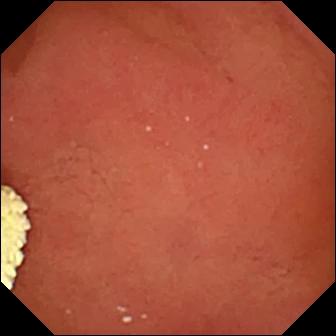Pylorus region (where the capsule passes from the stomach into the small bowel).